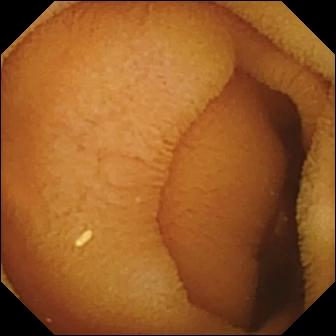- modality: wireless capsule endoscopy
- category: luminal finding
- impression: normal clean mucosa